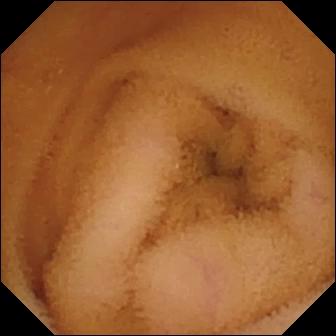VCE — normal clean mucosa.